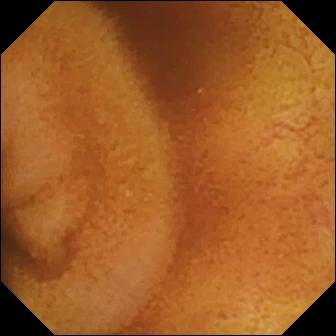Q: What does this video capsule endoscopy still show?
A: Normal clean mucosa.